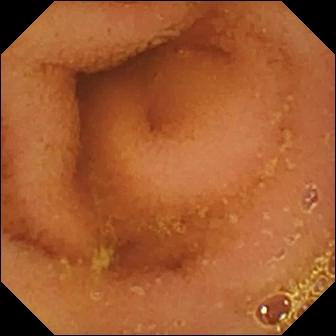{"modality": "wireless capsule endoscopy", "category": "luminal finding", "finding": "normal clean mucosa"}